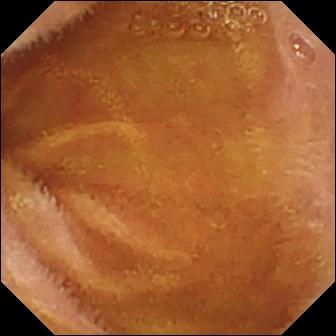Small-bowel capsule endoscopy frame, small bowel
Finding: normal clean mucosa